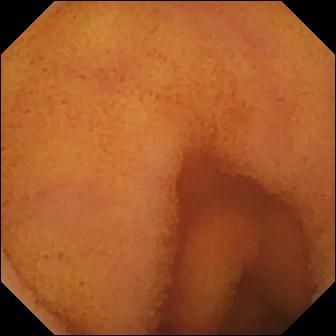Wireless capsule endoscopy frame showing normal clean mucosa.